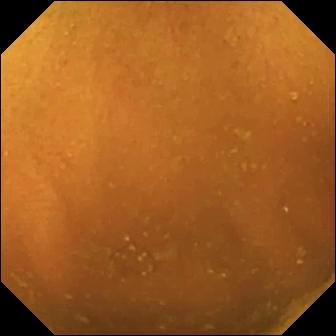- modality: VCE
- segment: small intestine
- label: normal clean mucosa